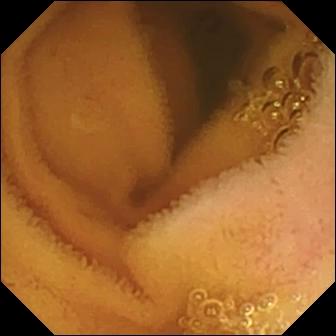VCE still of the small intestine showing normal clean mucosa.